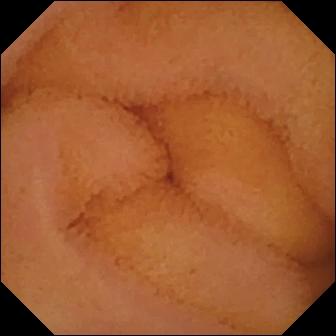- modality: small-bowel capsule endoscopy
- segment: small bowel
- label: normal clean mucosa